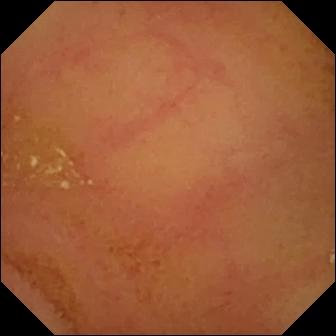- modality: video capsule endoscopy
- segment: small bowel
- observation: normal clean mucosa